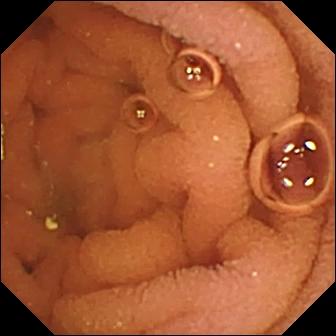This WCE frame shows normal clean mucosa.